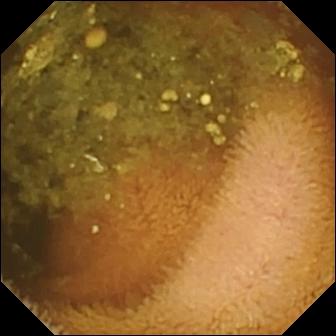Reduced mucosal view (content or bubbles obscuring the mucosa).